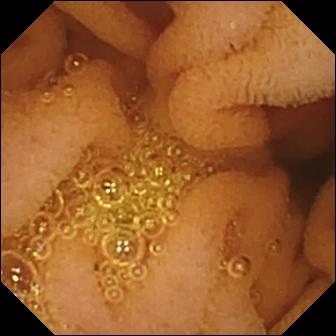Small-bowel capsule endoscopy view (small intestine). Normal clean mucosa.